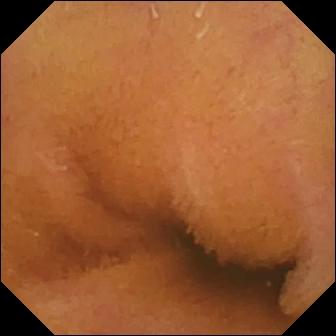Q: What does this wireless capsule endoscopy image show?
A: Normal clean mucosa.